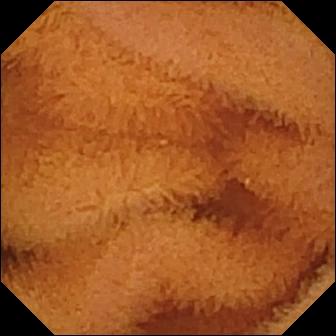Capsule endoscopy. Luminal finding. Observation: normal clean mucosa.